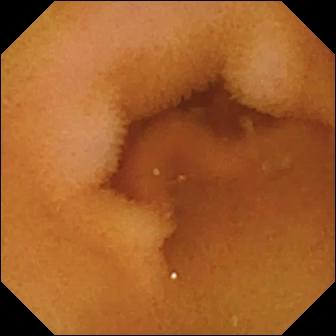Wireless capsule endoscopy snapshot, small intestine
Observation: normal clean mucosa